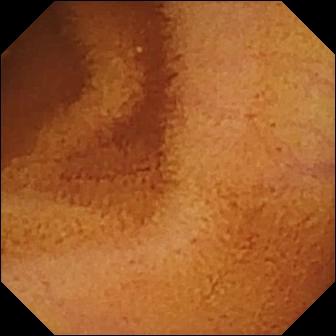Normal clean mucosa.